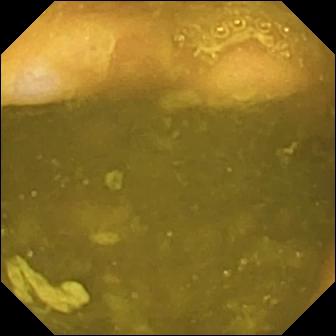Q: Where in the digestive tract was this capsule endoscopy view taken?
A: Ileo-cecal valve region (the transition from the small bowel to the large bowel).